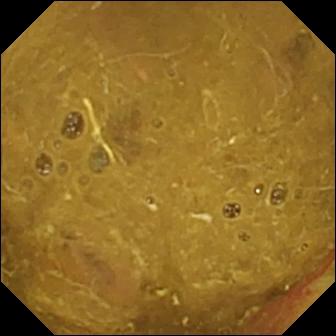Small-bowel capsule endoscopy. Location: ileo-cecal valve region (the transition from the small bowel to the large bowel).